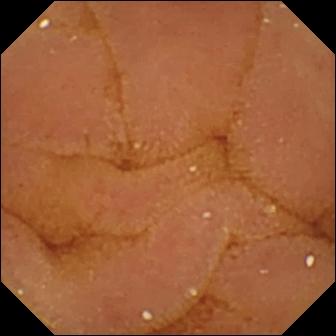PROCEDURE: VCE.
FINDINGS: Normal clean mucosa.